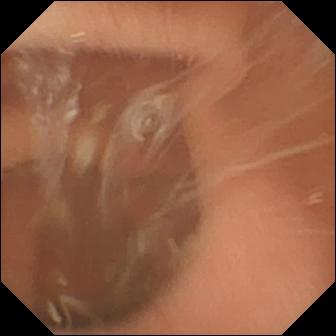Wireless capsule endoscopy frame, small intestine
Impression: normal clean mucosa